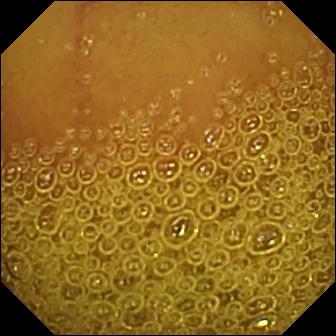modality: video capsule endoscopy | segment: small bowel | observation: normal clean mucosa